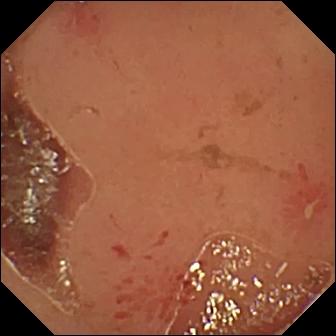{"modality": "video capsule endoscopy", "category": "luminal finding", "finding": "erosion"}